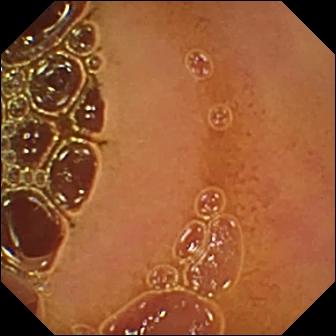Wireless capsule endoscopy image
Label: normal clean mucosa